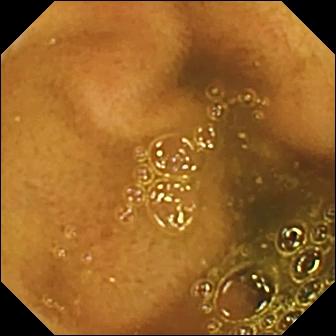Ileo-cecal valve region (where the capsule passes from the small bowel into the large bowel) — wireless capsule endoscopy view.